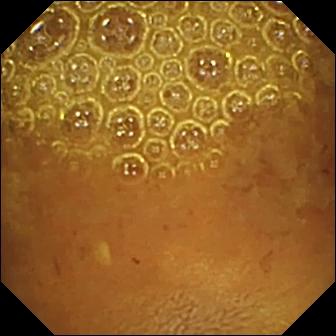Wireless capsule endoscopy. Finding: reduced mucosal view (content or bubbles obscuring the mucosa).